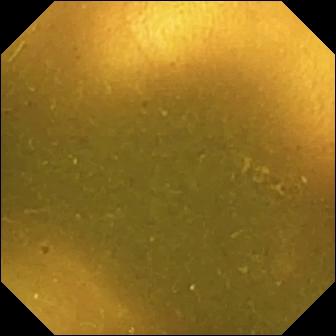- modality: capsule endoscopy
- video segment: ileo-cecal valve region (where the capsule passes from the small bowel into the large bowel)